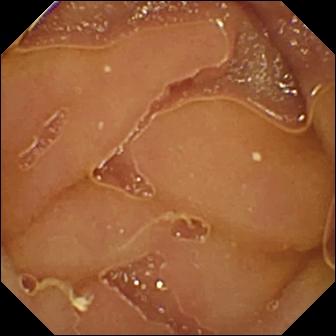{"modality": "capsule endoscopy", "finding": "normal clean mucosa"}